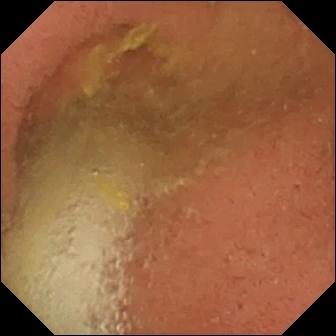VCE snapshot taken in the pylorus region (the junction between the stomach and the small bowel).